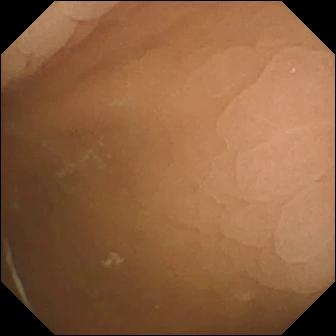Wireless capsule endoscopy snapshot taken in the pylorus region (the junction between the stomach and the small bowel).